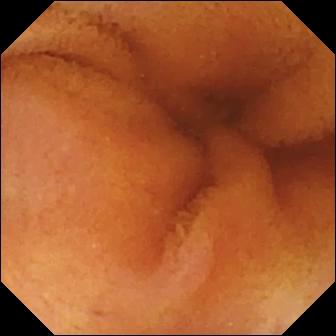Capsule endoscopy snapshot of the small intestine showing normal clean mucosa.